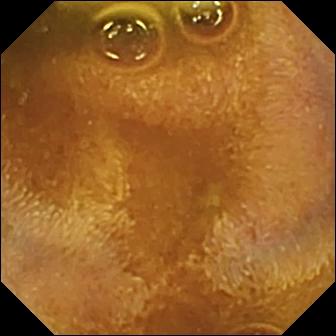{"modality": "VCE", "finding": "foreign body (e.g. retained capsule, tablet residue)"}